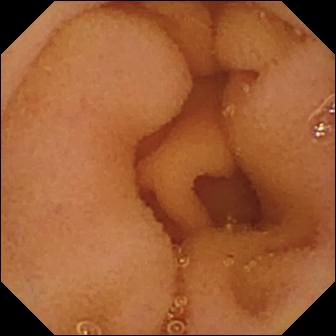- modality: video capsule endoscopy
- segment: small intestine
- observation: normal clean mucosa